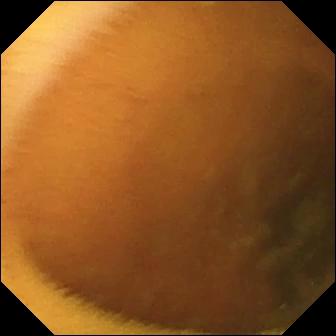Small-bowel capsule endoscopy still
Observation: normal clean mucosa